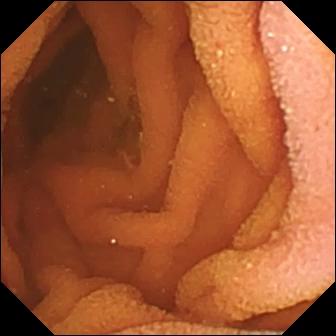{"modality": "wireless capsule endoscopy", "segment": "small intestine", "category": "luminal finding", "finding": "normal clean mucosa"}